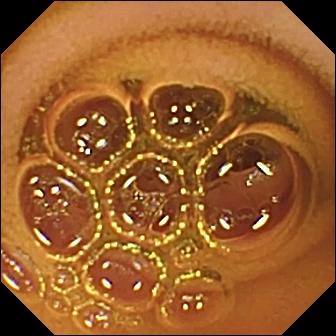PROCEDURE: Wireless capsule endoscopy.
FINDINGS: Normal clean mucosa.